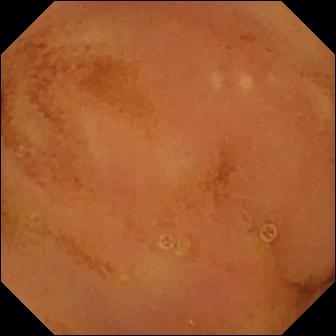Video capsule endoscopy. Small bowel. Finding: normal clean mucosa.